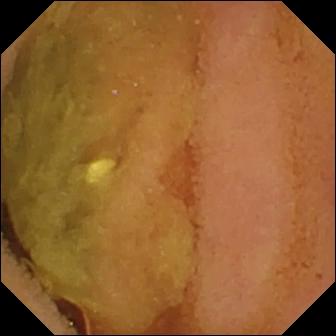Capsule endoscopy — normal clean mucosa.